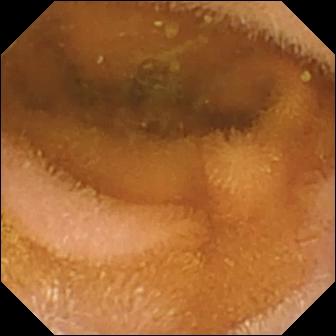Wireless capsule endoscopy still, small intestine
Impression: normal clean mucosa